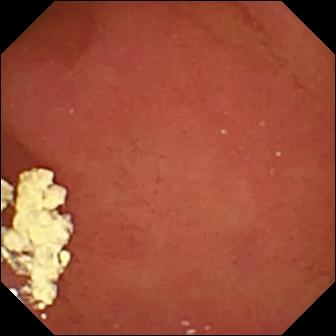Video capsule endoscopy view. Taken in the pylorus region.